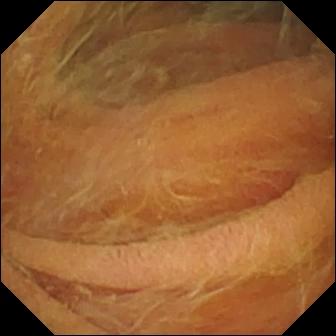VCE still. Taken in the pylorus region.